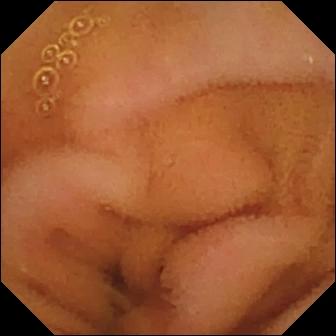VCE. Luminal finding. Finding: normal clean mucosa.